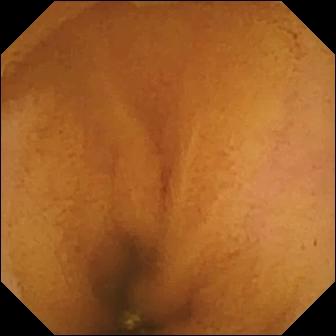Normal clean mucosa (336×336).